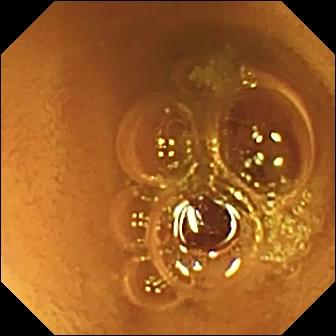Q: What does this wireless capsule endoscopy view of the small intestine show?
A: Normal clean mucosa.